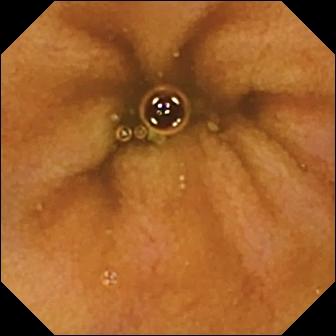- modality: video capsule endoscopy
- segment: small bowel
- finding: normal clean mucosa